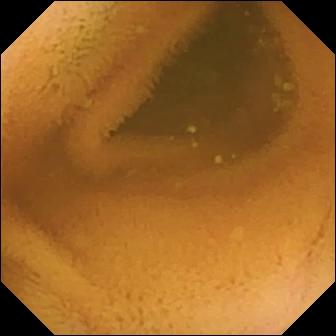This VCE still shows normal clean mucosa.